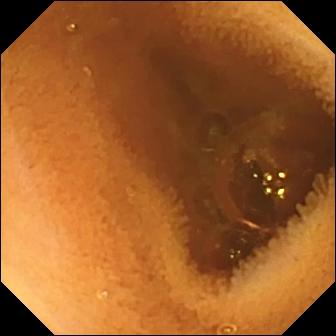Wireless capsule endoscopy. Luminal finding. Finding: normal clean mucosa.